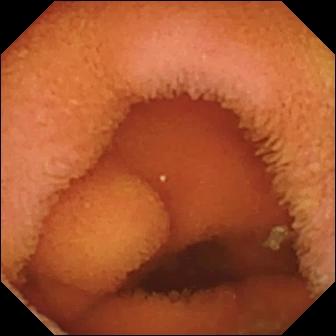Q: What does this wireless capsule endoscopy snapshot of the small bowel show?
A: Normal clean mucosa.